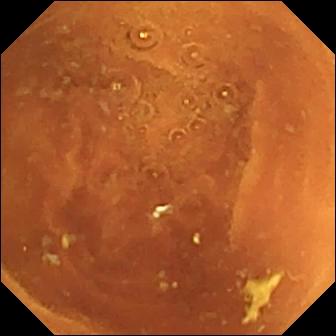PROCEDURE: Small-bowel capsule endoscopy.
SEGMENT: Small intestine.
FINDINGS: Normal clean mucosa.